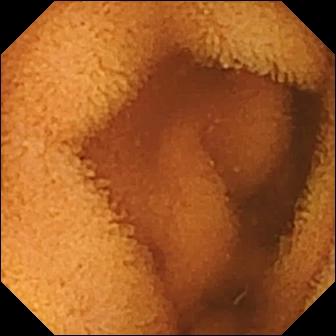WCE. Small intestine. Luminal finding. Impression: normal clean mucosa.